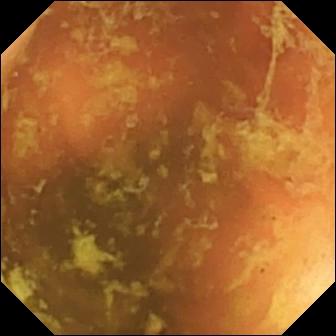{"modality": "WCE", "category": "anatomical landmark", "video_segment": "ileo-cecal valve region (where the capsule passes from the small bowel into the large bowel)"}